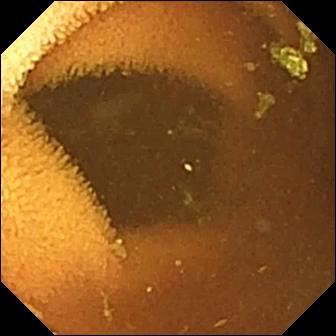modality: WCE | segment: small bowel | impression: normal clean mucosa